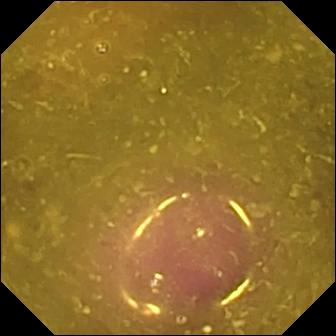Reduced mucosal view (content or bubbles obscuring the mucosa) — small-bowel capsule endoscopy frame of the small intestine.